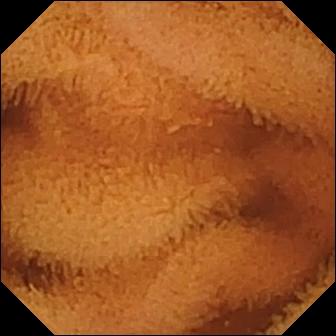Small-bowel capsule endoscopy image, small bowel
Impression: normal clean mucosa